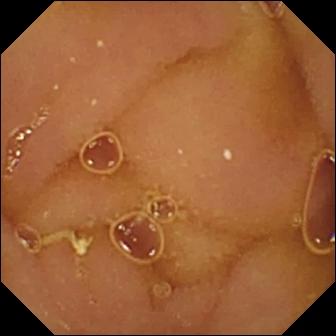PROCEDURE: Wireless capsule endoscopy.
SEGMENT: Small intestine.
FINDINGS: Normal clean mucosa.